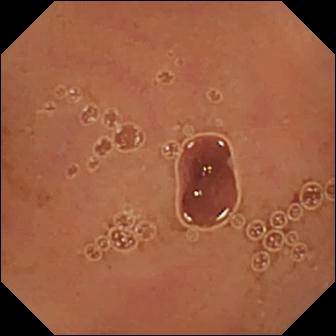This video capsule endoscopy still of the small intestine shows normal clean mucosa.